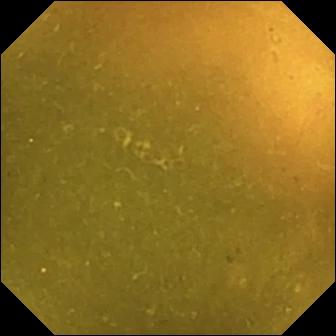modality: small-bowel capsule endoscopy | position: ileo-cecal valve region (the transition from the small bowel to the large bowel)